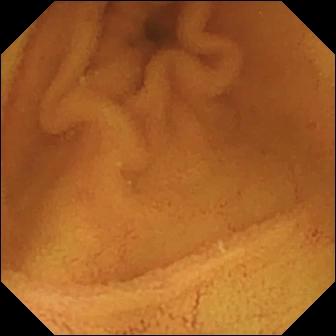Normal clean mucosa — video capsule endoscopy still of the small intestine.